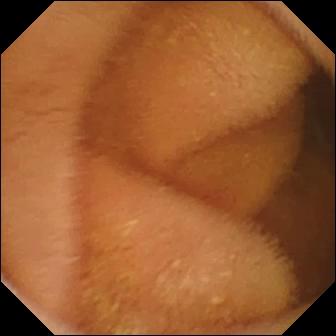This small-bowel capsule endoscopy view shows normal clean mucosa.